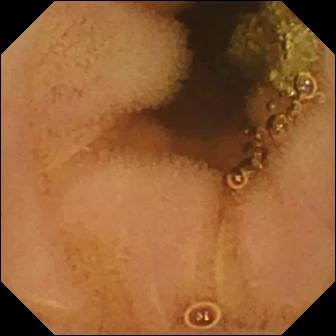WCE snapshot of the small intestine showing normal clean mucosa.